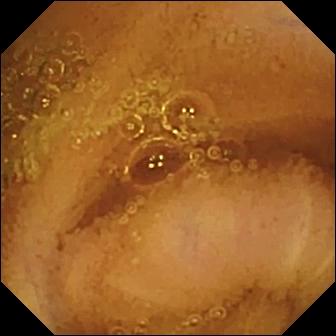VCE image showing normal clean mucosa.